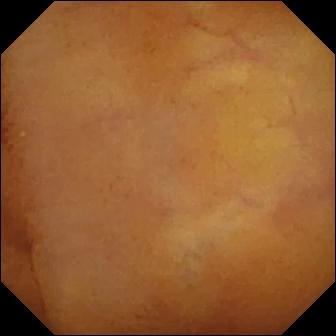{"modality": "wireless capsule endoscopy", "finding": "normal clean mucosa"}